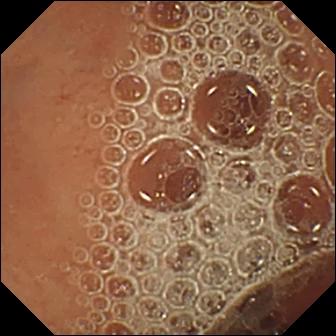PROCEDURE: Capsule endoscopy.
FINDINGS: Normal clean mucosa.